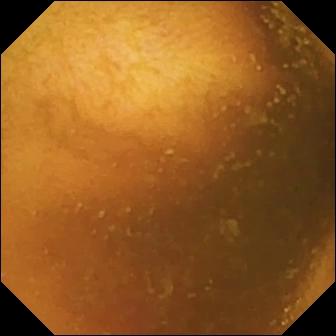Video capsule endoscopy frame, small intestine
Label: normal clean mucosa